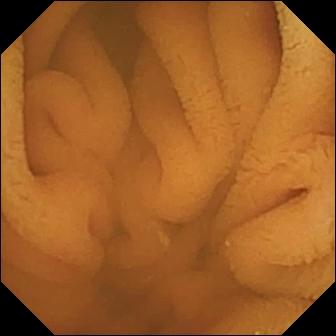Wireless capsule endoscopy. Small intestine. Luminal finding. Impression: normal clean mucosa.